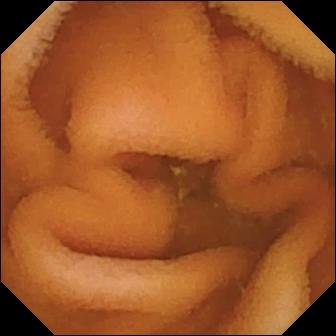Video capsule endoscopy image showing normal clean mucosa.